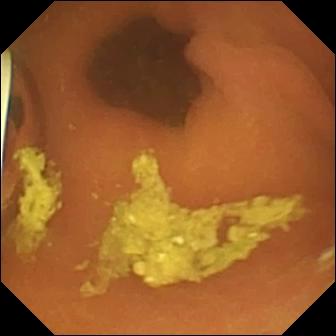Video capsule endoscopy still showing foreign body (e.g. retained capsule, tablet residue).